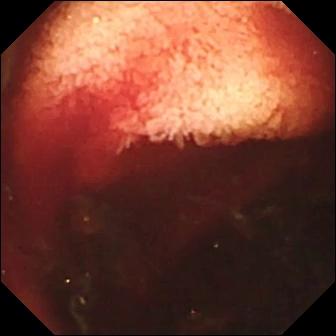Capsule endoscopy image
Label: fresh blood in the lumen